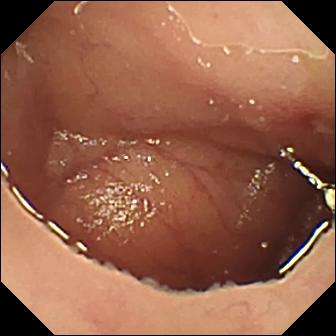Ulcer — VCE still.